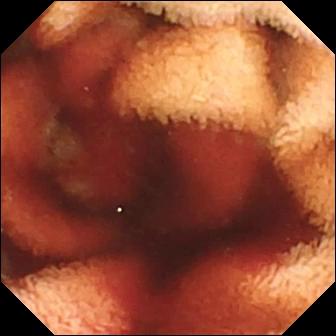Video capsule endoscopy — fresh blood in the lumen.